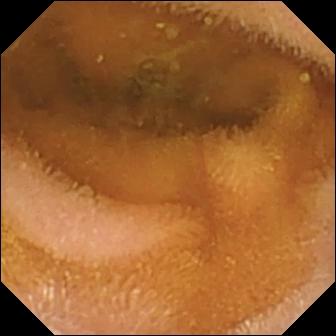Video capsule endoscopy frame, 336×336. Normal clean mucosa.